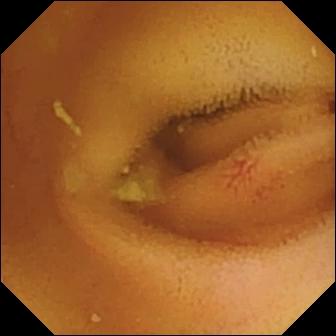Angiectasia (336×336).